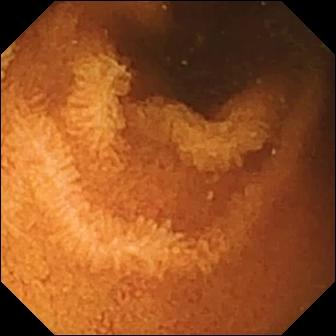Video capsule endoscopy frame (small intestine). Normal clean mucosa.